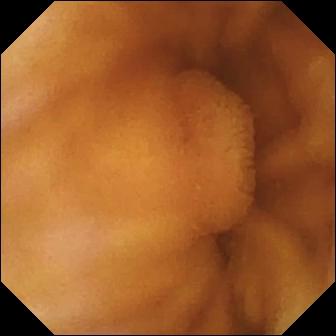modality: video capsule endoscopy; segment: small bowel; finding: normal clean mucosa